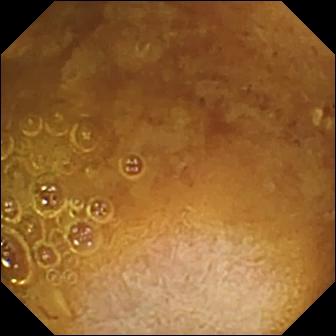Wireless capsule endoscopy. Finding: reduced mucosal view (content or bubbles obscuring the mucosa).